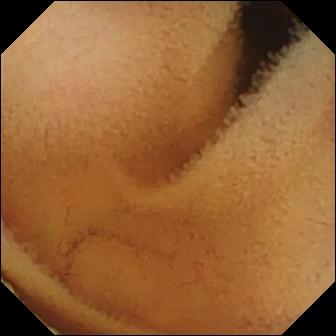PROCEDURE: Small-bowel capsule endoscopy.
SEGMENT: Small intestine.
FINDINGS: Normal clean mucosa.